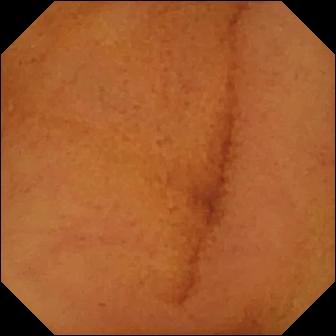Normal clean mucosa — WCE snapshot.